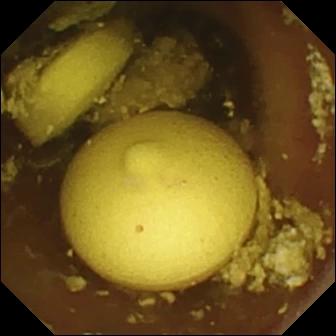PROCEDURE: VCE.
FINDINGS: Foreign body (e.g. retained capsule, tablet residue).